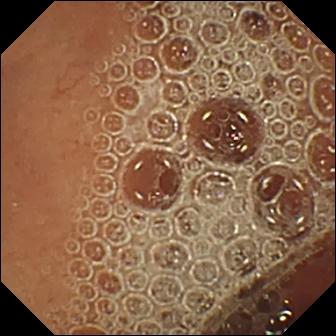Normal clean mucosa.